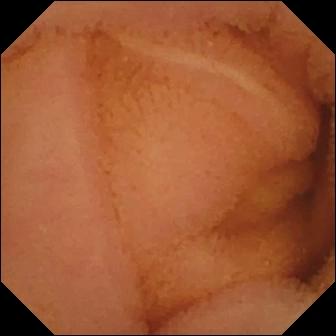modality: WCE | segment: small intestine | label: normal clean mucosa